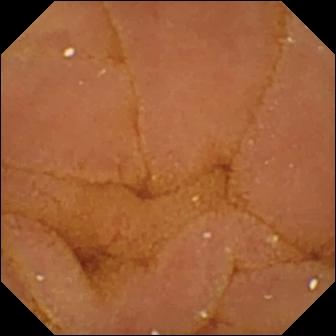Normal clean mucosa (336×336).